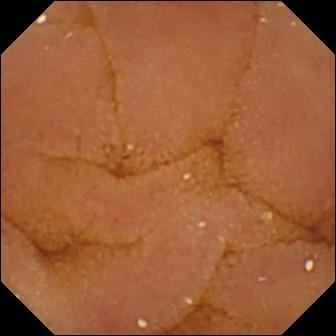{"modality": "small-bowel capsule endoscopy", "finding": "normal clean mucosa"}